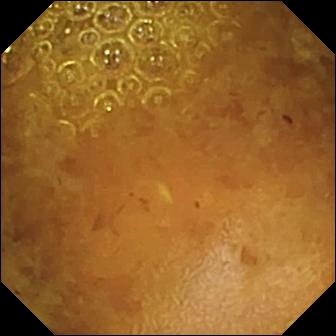Video capsule endoscopy. Small bowel. Impression: reduced mucosal view (content or bubbles obscuring the mucosa).